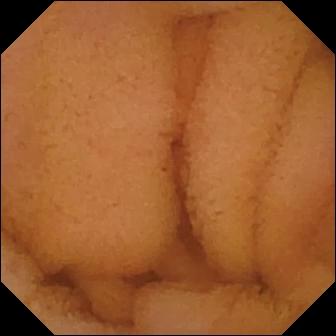modality: capsule endoscopy | finding: normal clean mucosa